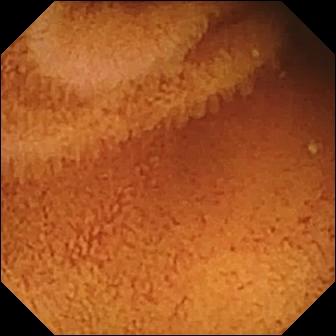Video capsule endoscopy image, small bowel
Observation: normal clean mucosa